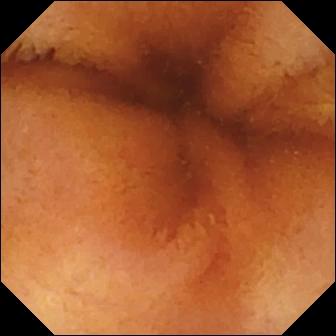Normal clean mucosa — small-bowel capsule endoscopy still of the small intestine.